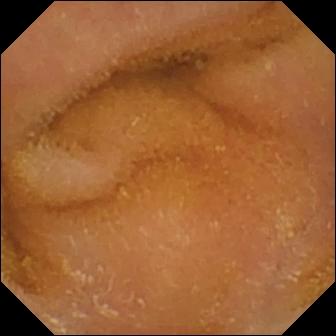Video capsule endoscopy still showing normal clean mucosa.